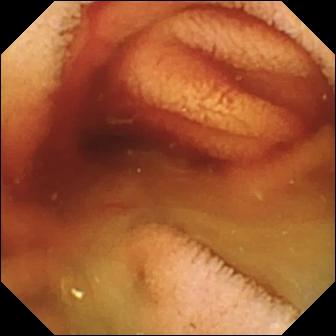PROCEDURE: Capsule endoscopy.
FINDINGS: Fresh blood in the lumen.